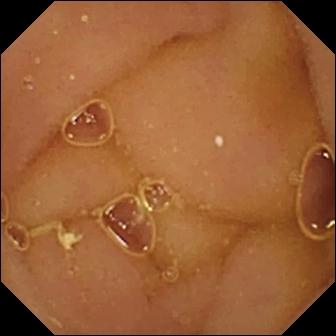Small-bowel capsule endoscopy image showing normal clean mucosa.